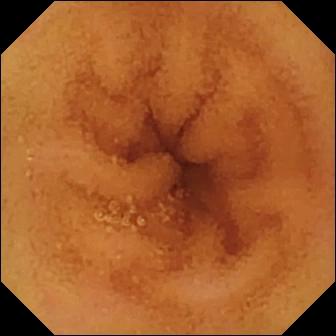Normal clean mucosa — capsule endoscopy frame.